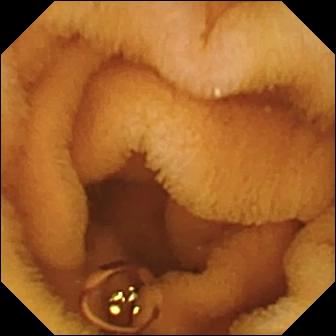- modality: wireless capsule endoscopy
- segment: small intestine
- label: normal clean mucosa